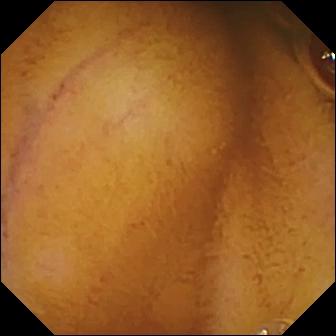Normal clean mucosa — WCE still of the small intestine.